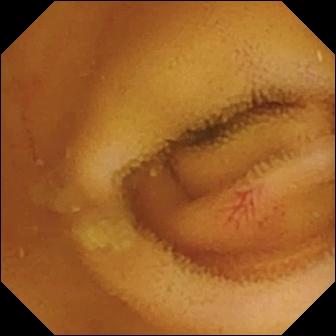Q: What does this video capsule endoscopy still show?
A: Angiectasia.